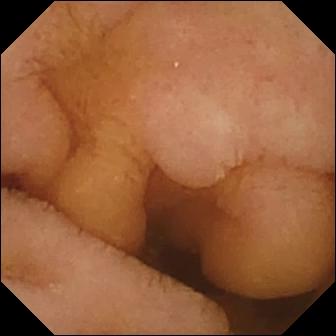- modality: VCE
- category: luminal finding
- finding: normal clean mucosa